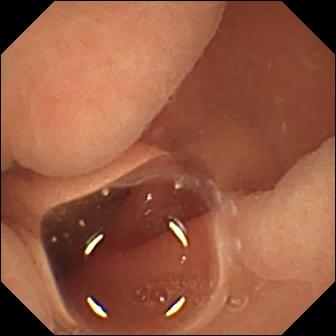Normal clean mucosa — small-bowel capsule endoscopy frame.